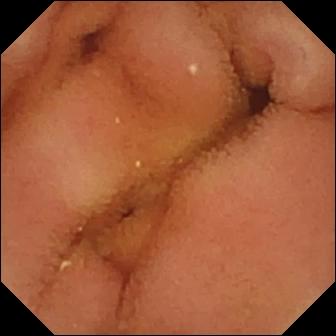Normal clean mucosa.